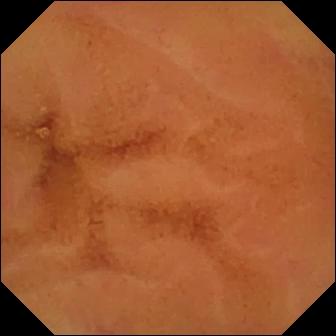modality: capsule endoscopy | segment: small intestine | impression: normal clean mucosa